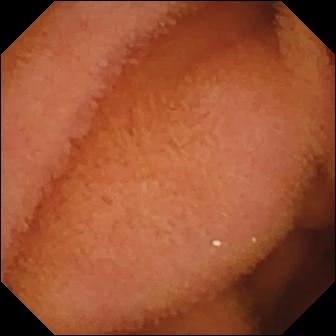Capsule endoscopy view, 336×336. Normal clean mucosa.